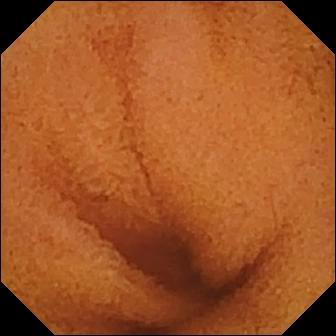- modality: VCE
- segment: small intestine
- category: luminal finding
- finding: normal clean mucosa